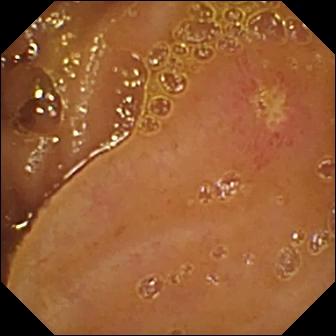Small-bowel capsule endoscopy still
Finding: ulcer